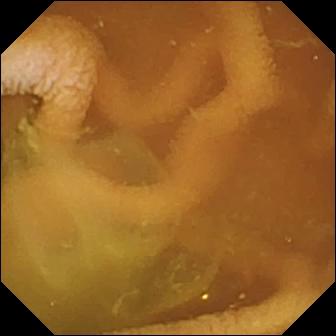Normal clean mucosa.